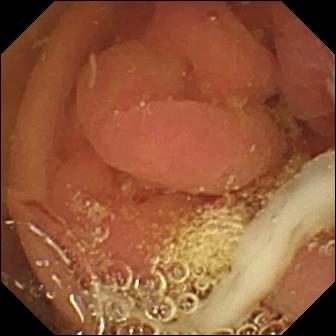Q: Where in the digestive tract was this capsule endoscopy frame taken?
A: Pylorus region (the junction between the stomach and the small bowel).